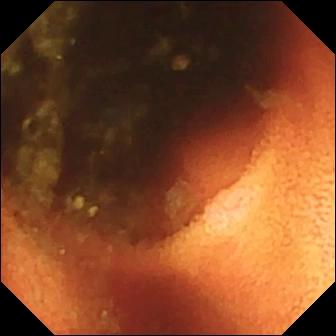Video capsule endoscopy — ileo-cecal valve region (the transition from the small bowel to the large bowel).